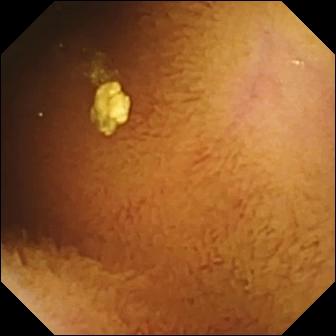Video capsule endoscopy. Observation: normal clean mucosa.